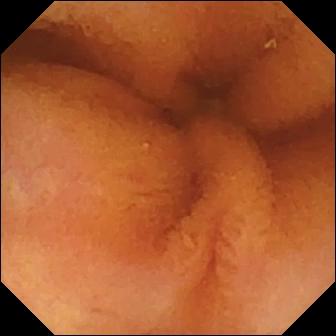Normal clean mucosa — video capsule endoscopy still of the small intestine.